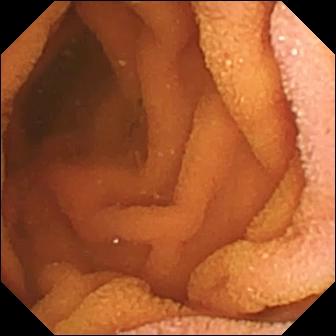Q: What does this VCE snapshot show?
A: Normal clean mucosa.